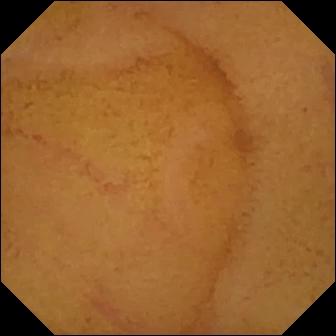{"modality": "wireless capsule endoscopy", "segment": "small bowel", "category": "luminal finding", "finding": "normal clean mucosa"}